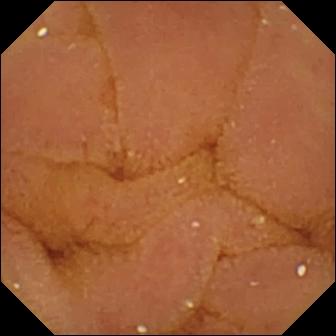Video capsule endoscopy. Small intestine. Label: normal clean mucosa.